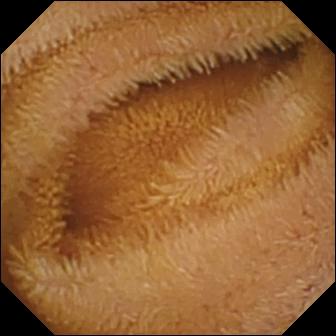Video capsule endoscopy snapshot (small intestine). Normal clean mucosa.